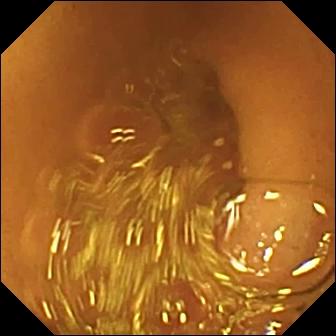PROCEDURE: Wireless capsule endoscopy.
SEGMENT: Small bowel.
FINDINGS: Normal clean mucosa.